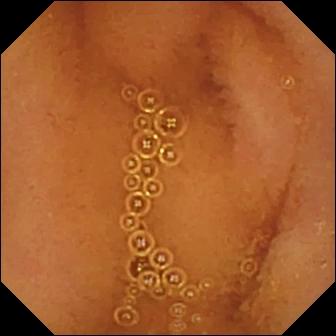VCE snapshot. Normal clean mucosa.